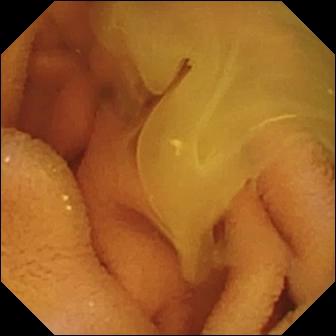PROCEDURE: Video capsule endoscopy.
FINDINGS: Normal clean mucosa.